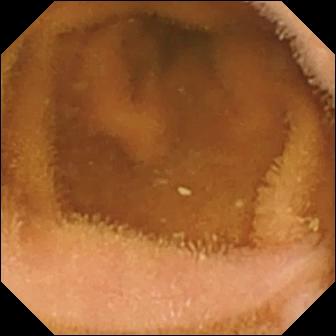This small-bowel capsule endoscopy snapshot of the small intestine shows normal clean mucosa.